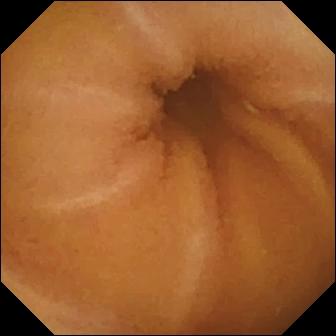Video capsule endoscopy image of the small intestine showing normal clean mucosa.